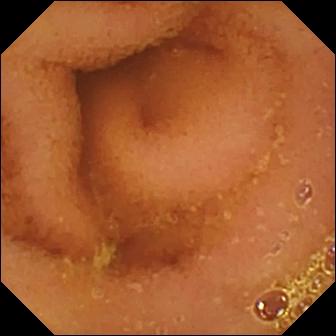Normal clean mucosa — VCE frame.